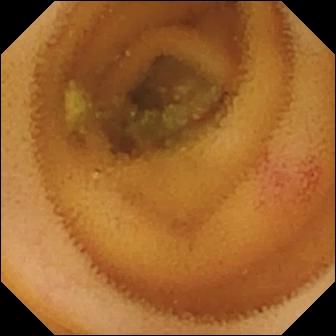PROCEDURE: Capsule endoscopy.
FINDINGS: Angiectasia.